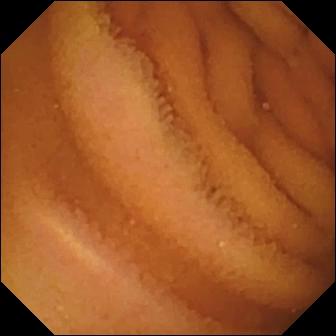{"modality": "small-bowel capsule endoscopy", "finding": "normal clean mucosa"}